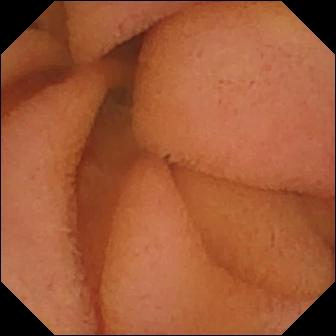WCE image
Label: normal clean mucosa